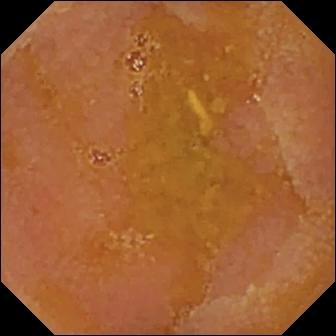{"modality": "video capsule endoscopy", "segment": "small bowel", "finding": "reduced mucosal view (content or bubbles obscuring the mucosa)"}